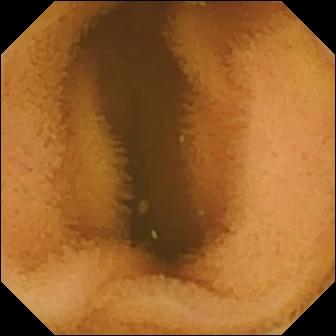- modality: wireless capsule endoscopy
- finding: normal clean mucosa